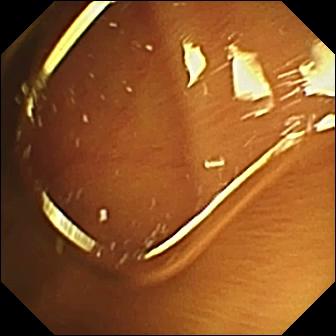{"modality": "video capsule endoscopy", "finding": "normal clean mucosa"}